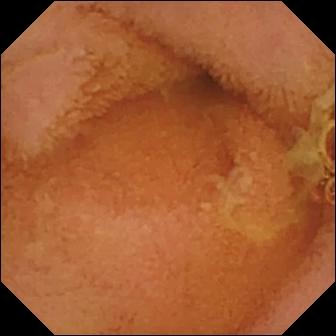modality: capsule endoscopy
label: normal clean mucosa